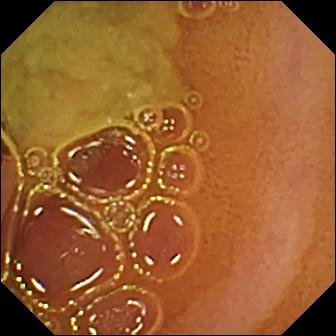- modality: WCE
- impression: normal clean mucosa